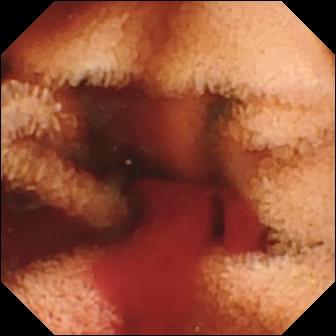Fresh blood in the lumen (336×336).